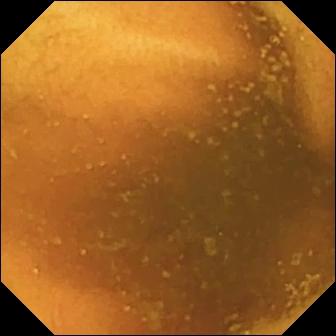modality: WCE; segment: small intestine; finding: normal clean mucosa